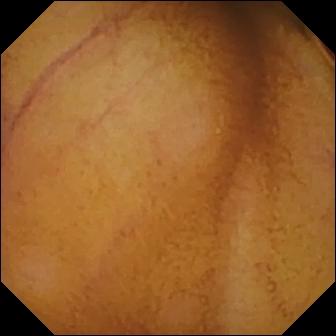Q: What does this VCE frame of the small intestine show?
A: Normal clean mucosa.